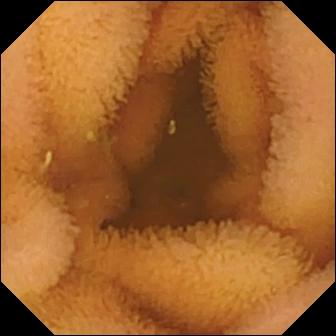Normal clean mucosa (336×336).